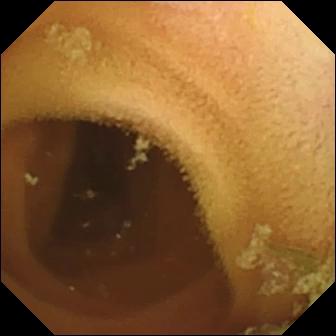Normal clean mucosa — VCE snapshot of the small bowel.